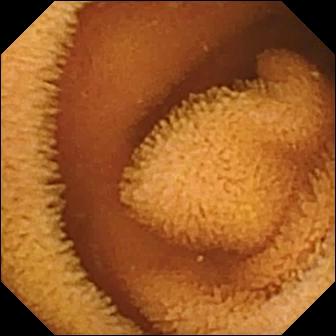Small-bowel capsule endoscopy view
Label: normal clean mucosa